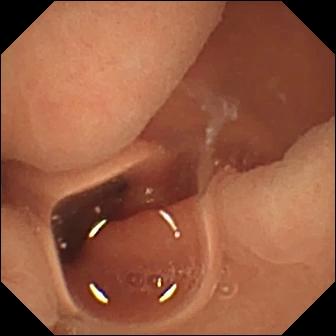This video capsule endoscopy frame shows normal clean mucosa.